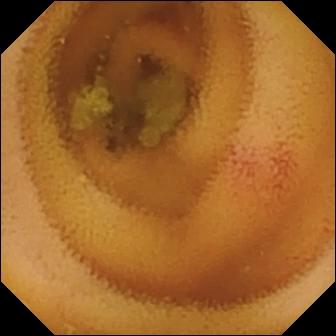Q: What does this VCE frame show?
A: Angiectasia.